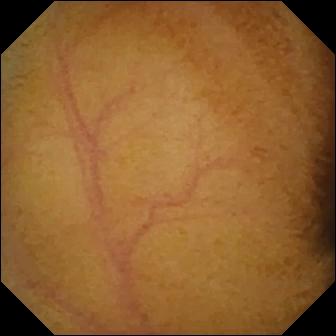This WCE snapshot of the small intestine shows normal clean mucosa.